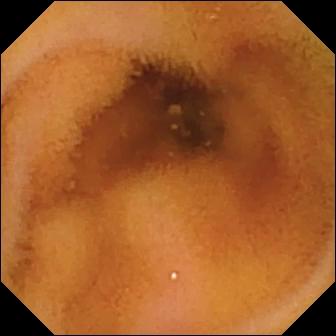PROCEDURE: Small-bowel capsule endoscopy.
SEGMENT: Small bowel.
FINDINGS: Normal clean mucosa.